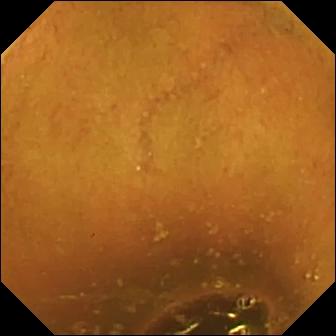Video capsule endoscopy. Luminal finding. Label: normal clean mucosa.